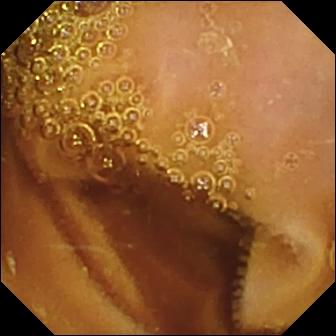Normal clean mucosa (336×336).